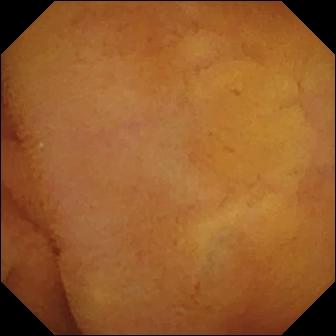Q: What does this wireless capsule endoscopy frame show?
A: Normal clean mucosa.